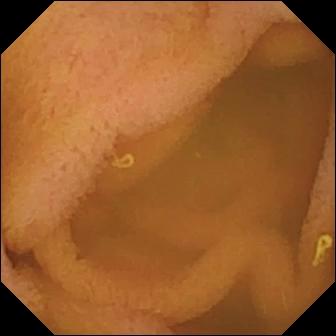Normal clean mucosa — capsule endoscopy view of the small bowel.